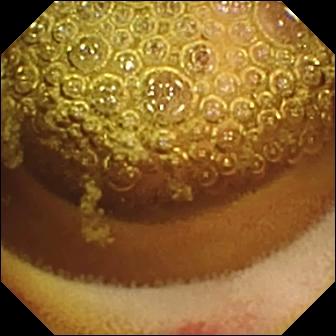Small-bowel capsule endoscopy still. Erosion.